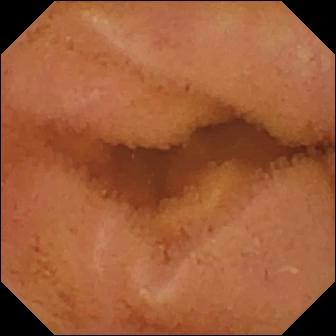This video capsule endoscopy view of the small intestine shows normal clean mucosa.